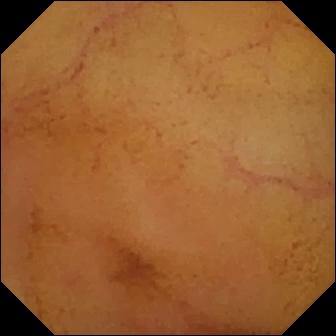Wireless capsule endoscopy snapshot
Impression: normal clean mucosa